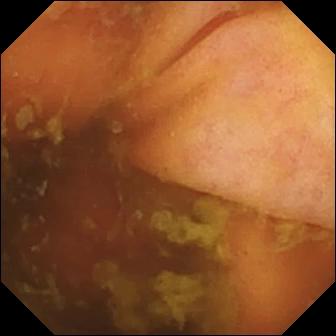Ileo-cecal valve region (the transition from the small bowel to the large bowel) — video capsule endoscopy frame.